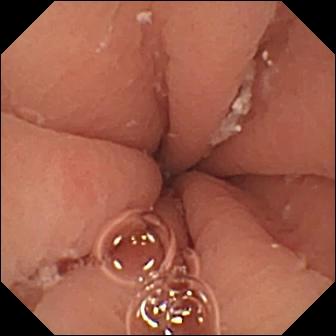Wireless capsule endoscopy image taken in the pylorus region.